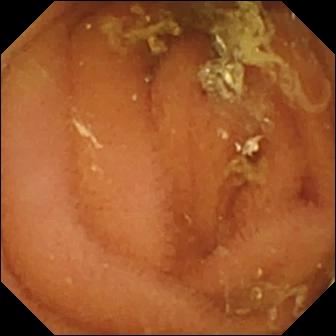Video capsule endoscopy — normal clean mucosa.